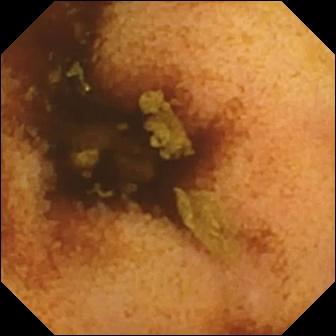Normal clean mucosa (336×336).